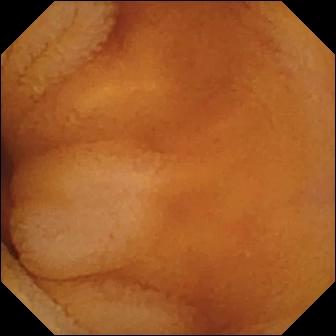- modality: video capsule endoscopy
- segment: small bowel
- observation: normal clean mucosa